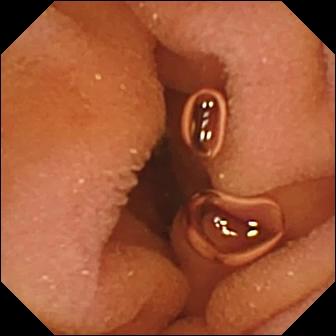Capsule endoscopy snapshot
Finding: normal clean mucosa